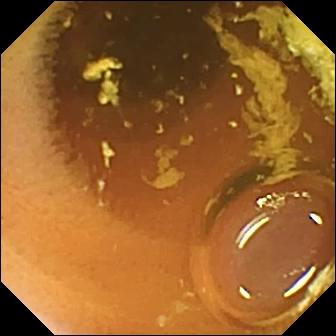Capsule endoscopy — normal clean mucosa.